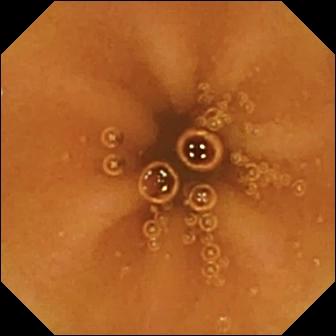- modality: VCE
- observation: normal clean mucosa